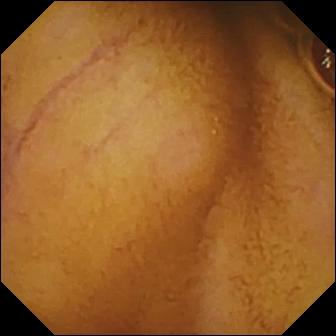This VCE snapshot of the small intestine shows normal clean mucosa.